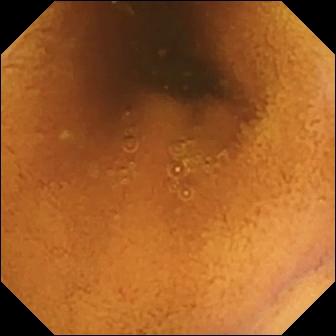modality: VCE | category: luminal finding | finding: normal clean mucosa